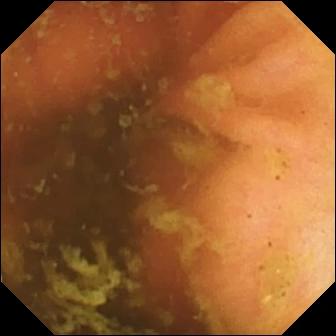Ileo-cecal valve region — wireless capsule endoscopy snapshot.